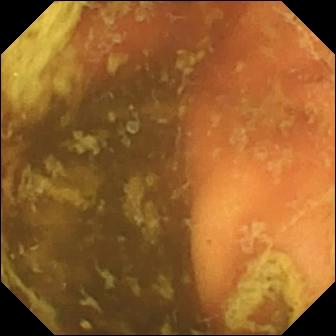- modality: VCE
- location: ileo-cecal valve region (the transition from the small bowel to the large bowel)